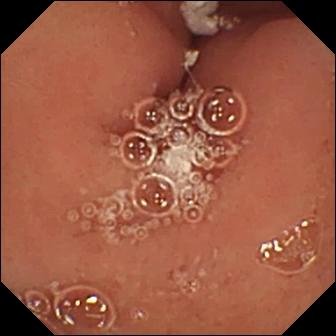- modality: wireless capsule endoscopy
- category: anatomical landmark
- video segment: pylorus region (the junction between the stomach and the small bowel)